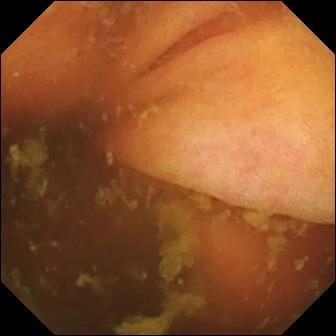Capsule endoscopy still taken in the ileo-cecal valve region (the transition from the small bowel to the large bowel).